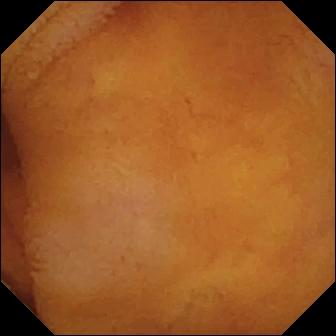PROCEDURE: WCE.
FINDINGS: Normal clean mucosa.